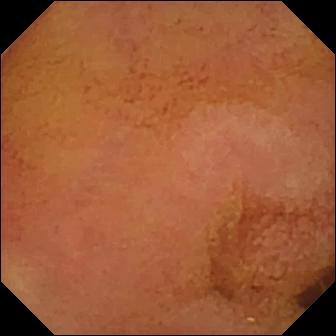Normal clean mucosa — small-bowel capsule endoscopy view of the small intestine.